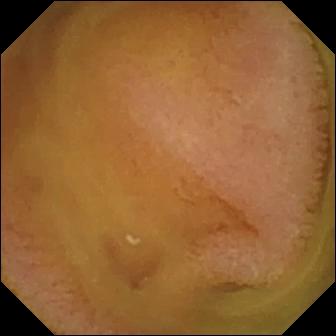Capsule endoscopy view, small intestine
Impression: normal clean mucosa